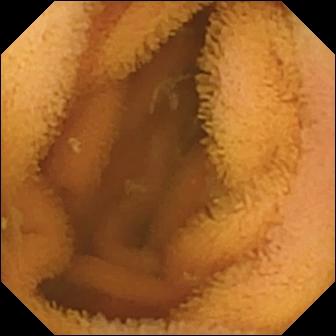- modality: video capsule endoscopy
- label: normal clean mucosa